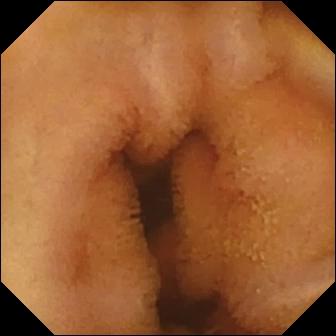{"modality": "video capsule endoscopy", "finding": "normal clean mucosa"}